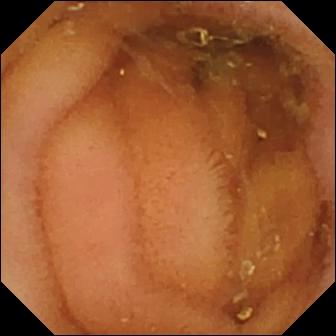modality: wireless capsule endoscopy; segment: small bowel; observation: normal clean mucosa